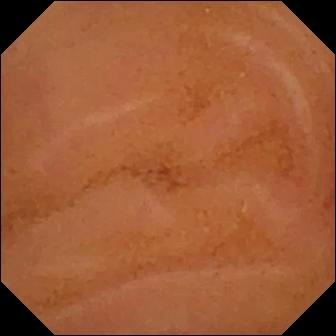VCE image
Label: normal clean mucosa